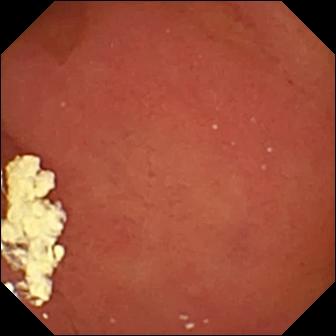WCE frame. Taken in the pylorus region (the junction between the stomach and the small bowel).